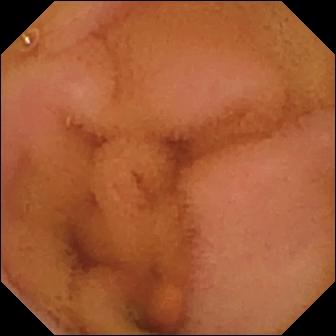Normal clean mucosa.